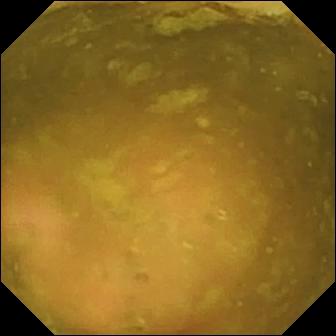Capsule endoscopy image taken in the ileo-cecal valve region.